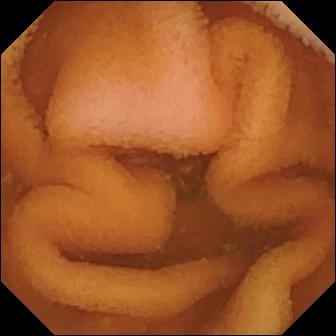VCE snapshot. Normal clean mucosa.